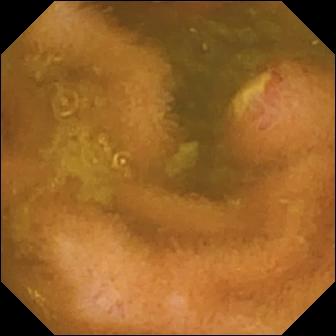Video capsule endoscopy — ulcer.